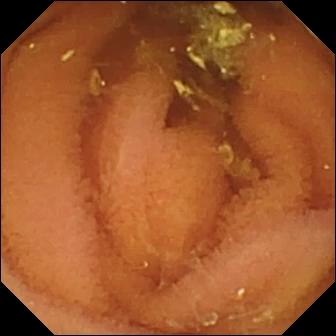Normal clean mucosa — small-bowel capsule endoscopy image.